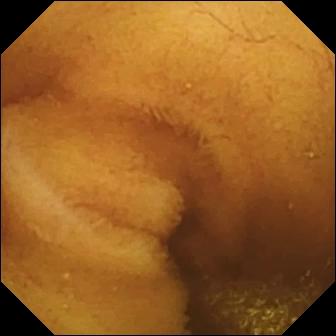Wireless capsule endoscopy. Small intestine. Luminal finding. Observation: normal clean mucosa.